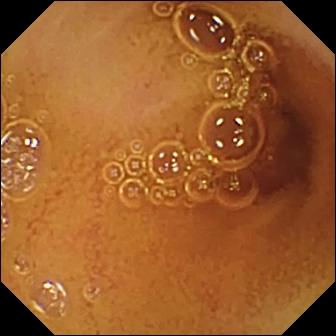Normal clean mucosa (336×336).